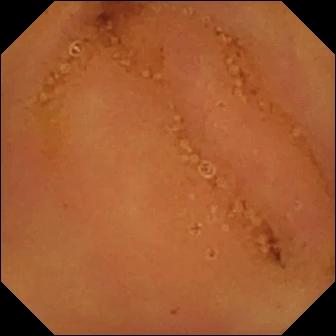Small-bowel capsule endoscopy. Small intestine. Observation: normal clean mucosa.